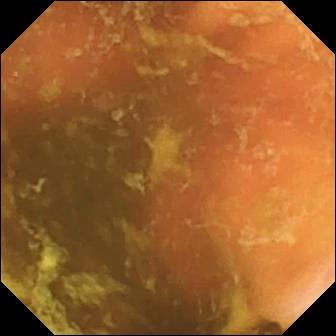- modality: video capsule endoscopy
- location: ileo-cecal valve region (the transition from the small bowel to the large bowel)